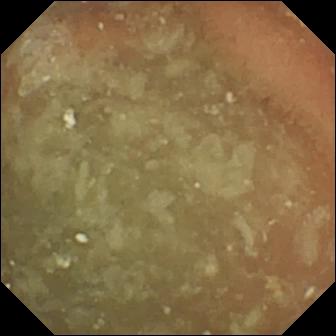modality: WCE
impression: normal clean mucosa